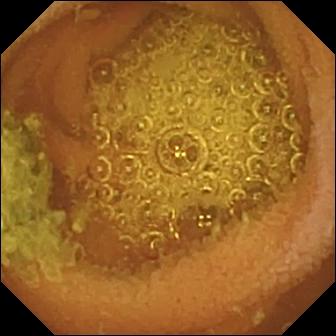Video capsule endoscopy snapshot (small intestine), 336×336. Normal clean mucosa.